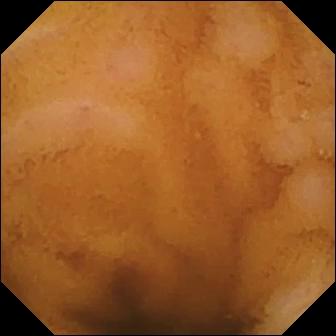Capsule endoscopy. Luminal finding. Label: normal clean mucosa.